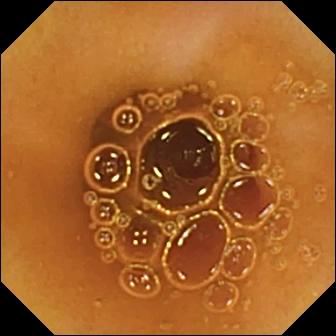modality: VCE
segment: small intestine
category: luminal finding
finding: normal clean mucosa